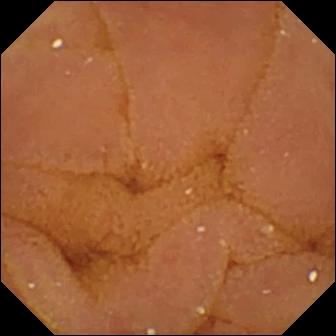Small-bowel capsule endoscopy view
Impression: normal clean mucosa